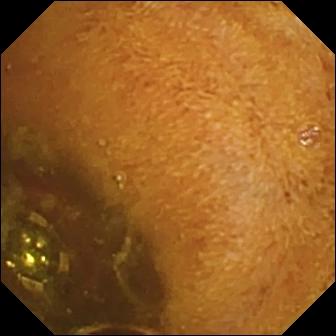PROCEDURE: WCE.
FINDINGS: Foreign body (e.g. retained capsule, tablet residue).